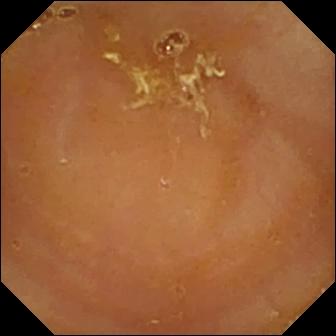This wireless capsule endoscopy view shows reduced mucosal view (content or bubbles obscuring the mucosa).